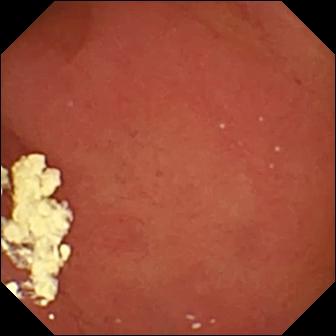This wireless capsule endoscopy still was taken in the pylorus region (where the capsule passes from the stomach into the small bowel).